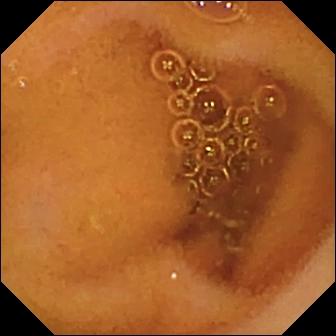Q: What does this wireless capsule endoscopy still show?
A: Normal clean mucosa.